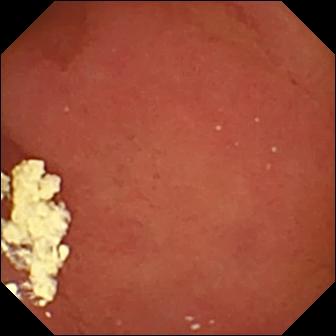VCE view. Taken in the pylorus region (the junction between the stomach and the small bowel).